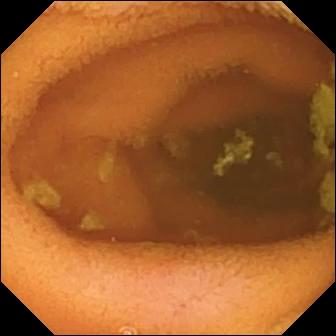VCE. Observation: normal clean mucosa.